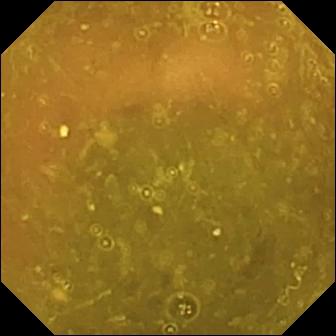modality: capsule endoscopy; label: ileo-cecal valve region